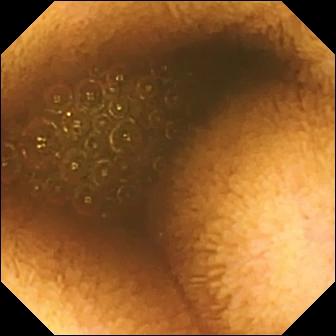Reduced mucosal view (content or bubbles obscuring the mucosa) (336×336).